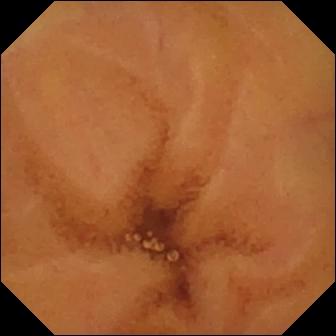- modality: capsule endoscopy
- segment: small intestine
- category: luminal finding
- label: normal clean mucosa